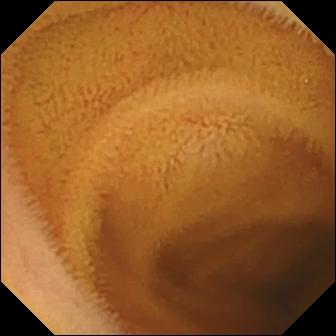Q: What does this WCE still show?
A: Normal clean mucosa.